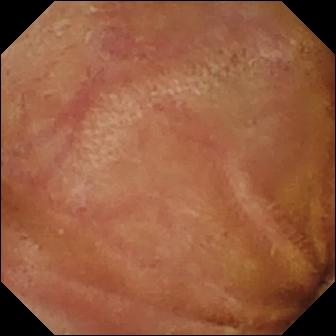VCE — normal clean mucosa.